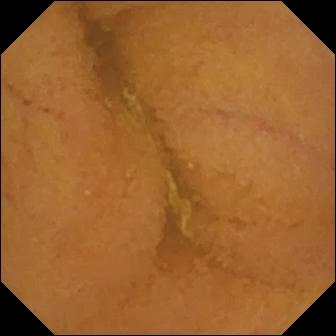modality: small-bowel capsule endoscopy | segment: small intestine | observation: normal clean mucosa